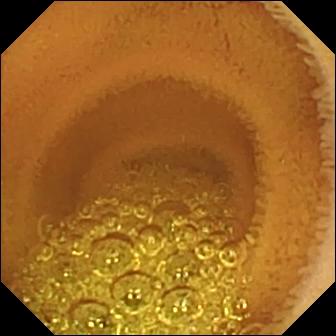Wireless capsule endoscopy. Small bowel. Label: normal clean mucosa.